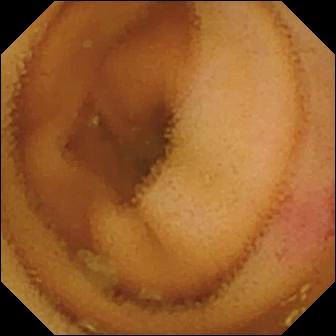Video capsule endoscopy. Luminal finding. Impression: angiectasia.